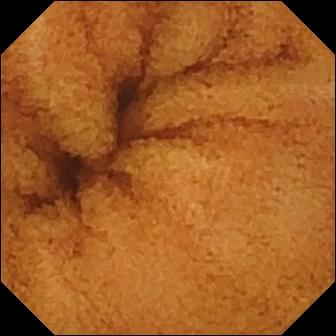Capsule endoscopy — normal clean mucosa.